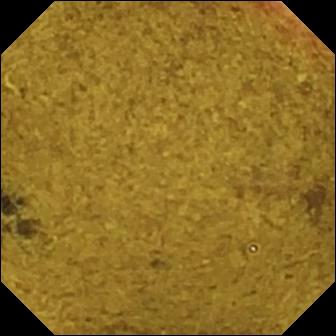WCE view taken in the ileo-cecal valve region (the transition from the small bowel to the large bowel).